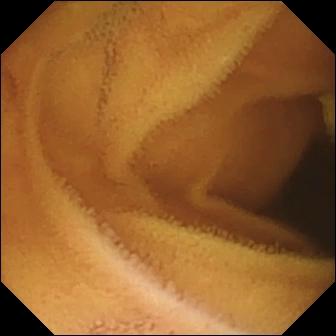VCE — normal clean mucosa.